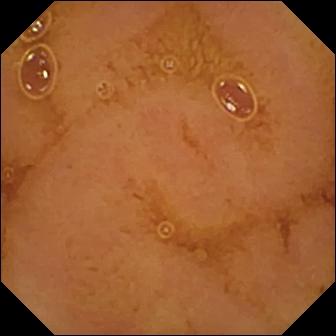This video capsule endoscopy snapshot of the small intestine shows normal clean mucosa.